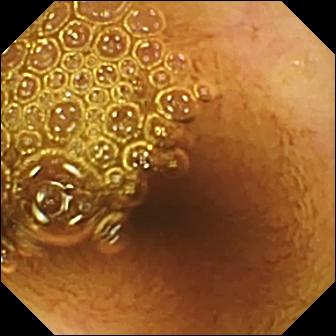Video capsule endoscopy — normal clean mucosa.